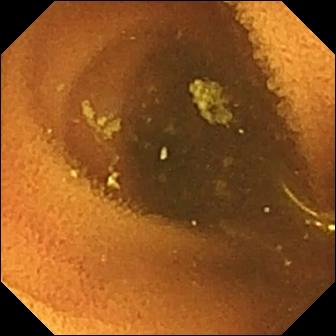Small-bowel capsule endoscopy snapshot. Normal clean mucosa.